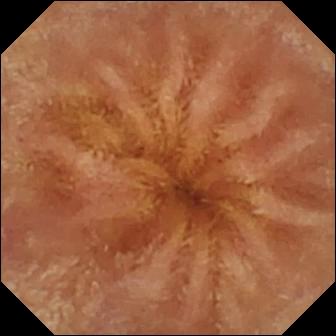Wireless capsule endoscopy view. Normal clean mucosa.